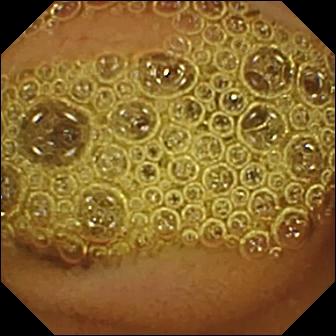Normal clean mucosa (336×336).